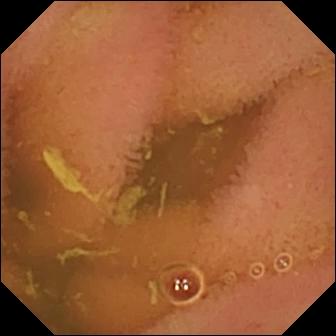PROCEDURE: Video capsule endoscopy.
SEGMENT: Small intestine.
FINDINGS: Normal clean mucosa.